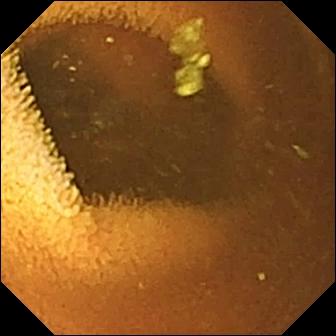- modality: VCE
- segment: small bowel
- observation: normal clean mucosa